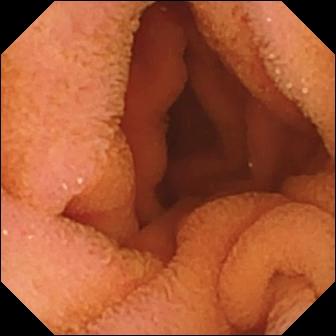Video capsule endoscopy still
Finding: normal clean mucosa